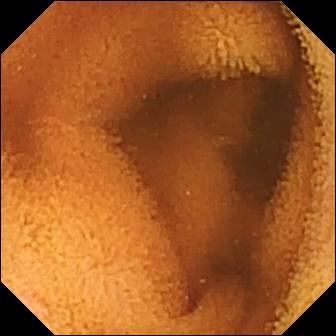Normal clean mucosa — capsule endoscopy still of the small intestine.